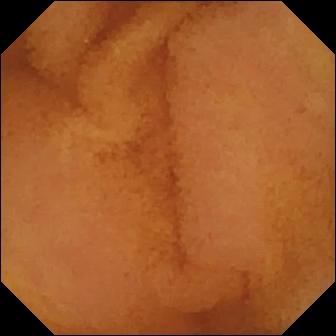Small-bowel capsule endoscopy — normal clean mucosa.